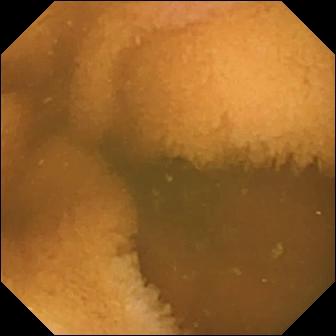WCE. Observation: normal clean mucosa.